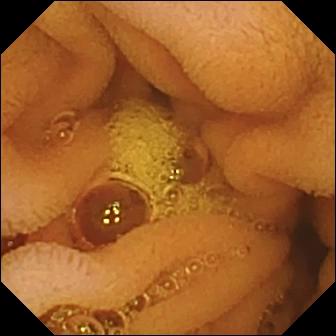This VCE still shows normal clean mucosa.